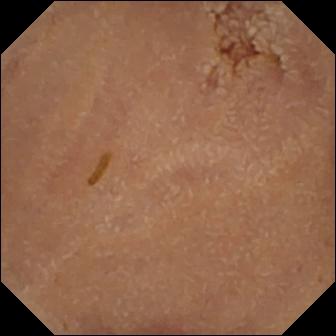Normal clean mucosa.